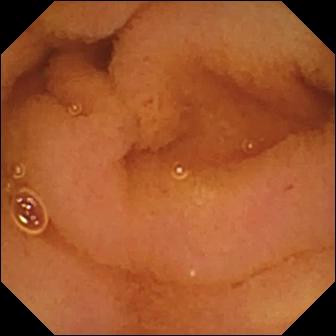modality: VCE; segment: small intestine; category: luminal finding; observation: normal clean mucosa